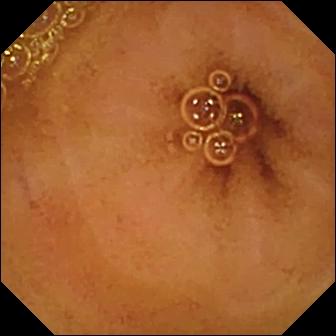modality: capsule endoscopy; observation: normal clean mucosa